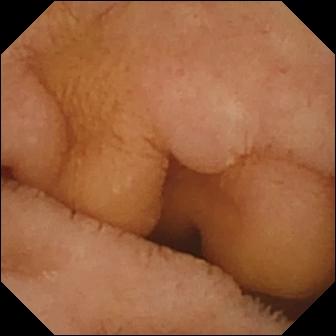Video capsule endoscopy image showing normal clean mucosa.